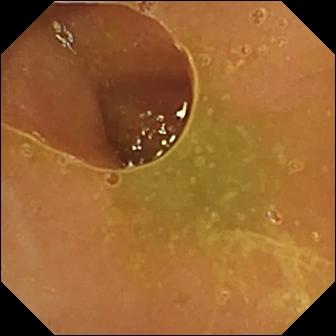- modality: wireless capsule endoscopy
- segment: small intestine
- finding: normal clean mucosa